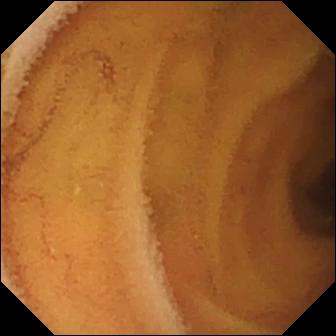VCE. Luminal finding. Impression: normal clean mucosa.